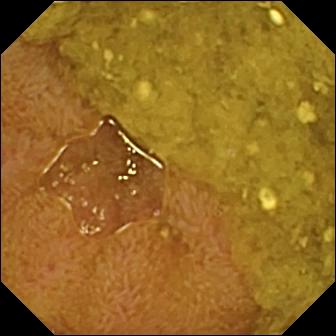- modality: wireless capsule endoscopy
- location: ileo-cecal valve region (where the capsule passes from the small bowel into the large bowel)